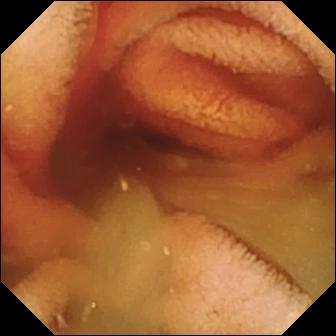Video capsule endoscopy. Finding: fresh blood in the lumen.